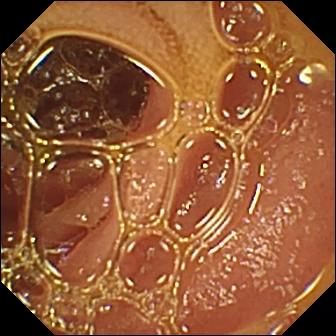Wireless capsule endoscopy. Small intestine. Luminal finding. Observation: normal clean mucosa.